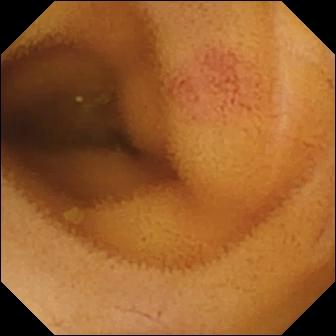- modality: small-bowel capsule endoscopy
- observation: angiectasia